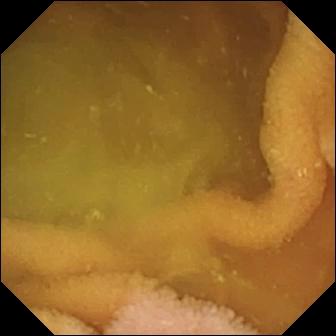VCE snapshot, small bowel
Label: normal clean mucosa